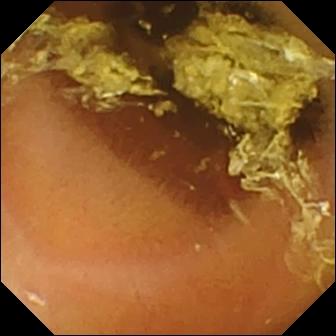- modality: video capsule endoscopy
- segment: small intestine
- observation: normal clean mucosa